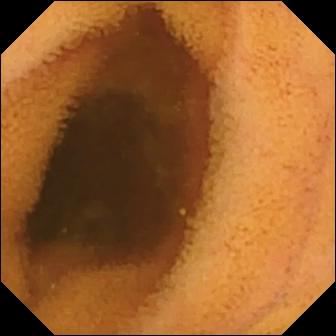modality: WCE | label: normal clean mucosa